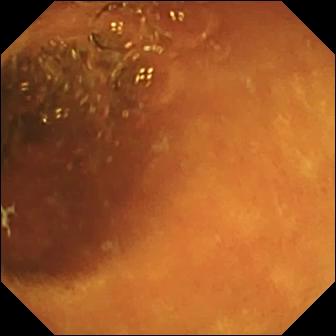Small-bowel capsule endoscopy — normal clean mucosa.